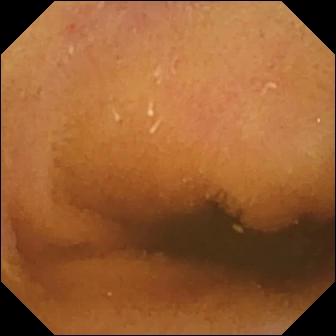VCE — normal clean mucosa.